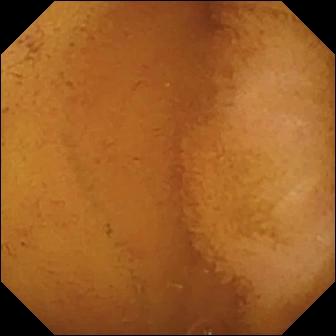{"modality": "video capsule endoscopy", "finding": "normal clean mucosa"}